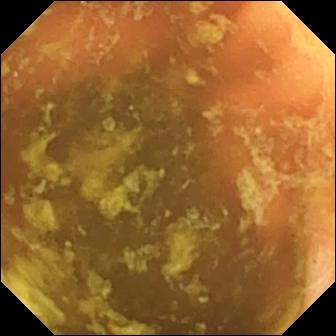WCE image. Taken in the ileo-cecal valve region.